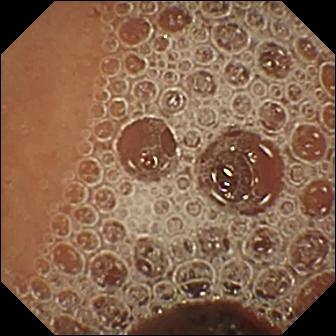Small-bowel capsule endoscopy still. Normal clean mucosa.